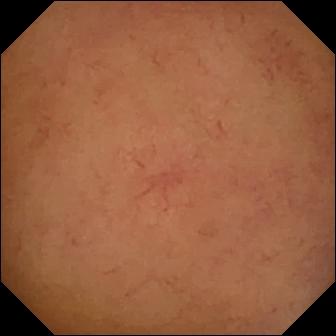Normal clean mucosa — wireless capsule endoscopy view of the small bowel.